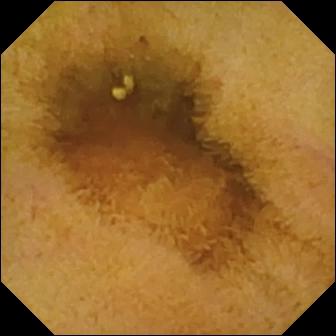Small-bowel capsule endoscopy view (small intestine). Normal clean mucosa.